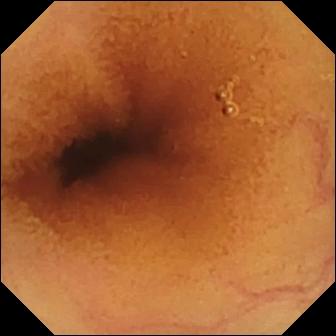Q: What does this WCE snapshot show?
A: Normal clean mucosa.